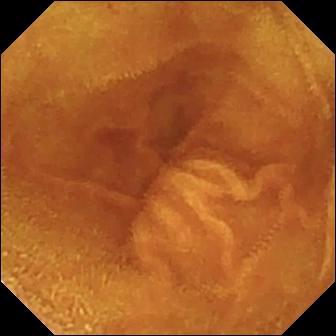This VCE image of the small intestine shows normal clean mucosa.